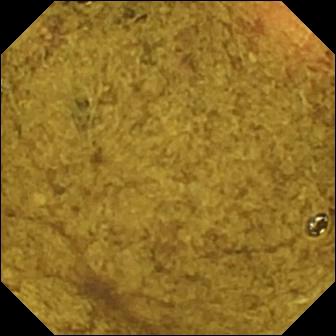Ileo-cecal valve region.